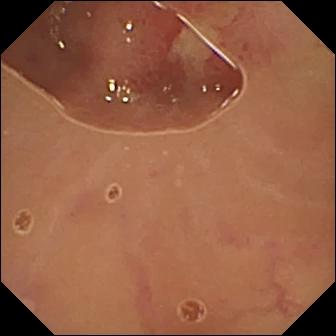Q: What does this VCE frame show?
A: Ulcer.